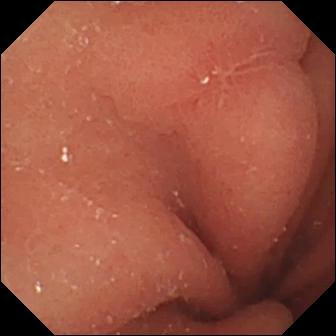PROCEDURE: Capsule endoscopy.
FINDINGS: Erosion.